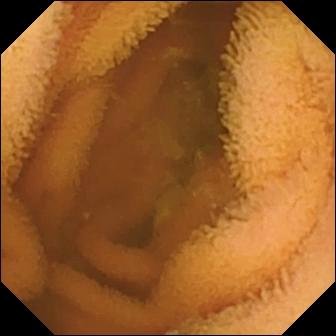Small-bowel capsule endoscopy. Small bowel. Label: normal clean mucosa.